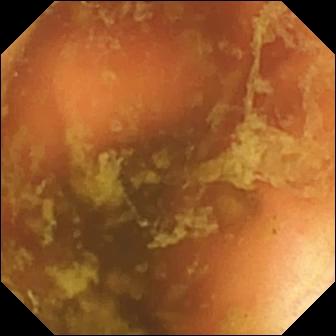VCE view
Video segment: ileo-cecal valve region (where the capsule passes from the small bowel into the large bowel)